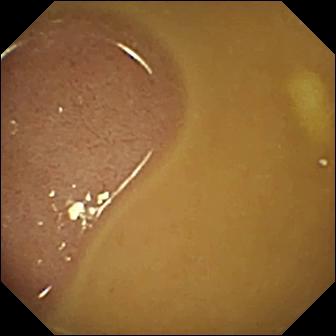- modality: WCE
- category: anatomical landmark
- video segment: ileo-cecal valve region (where the capsule passes from the small bowel into the large bowel)